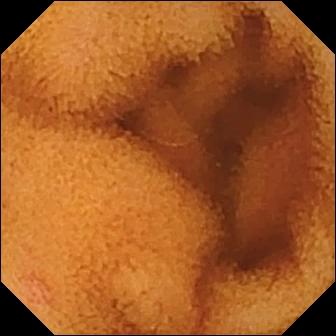Capsule endoscopy frame showing normal clean mucosa.